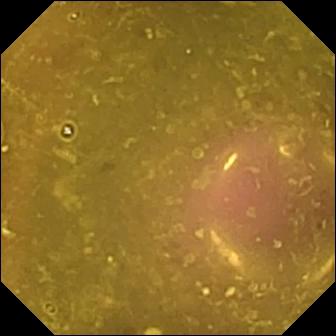Capsule endoscopy snapshot of the small bowel showing reduced mucosal view (content or bubbles obscuring the mucosa).